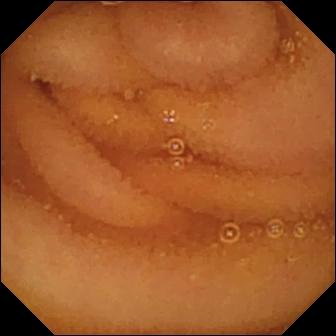- modality: small-bowel capsule endoscopy
- segment: small intestine
- label: normal clean mucosa